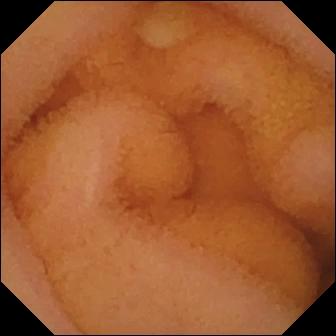Wireless capsule endoscopy still, small intestine
Finding: normal clean mucosa